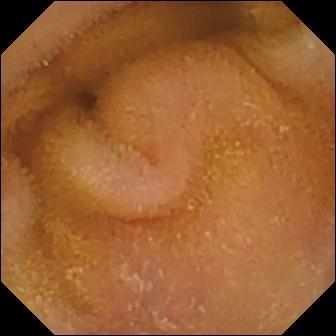modality: capsule endoscopy
segment: small bowel
impression: normal clean mucosa